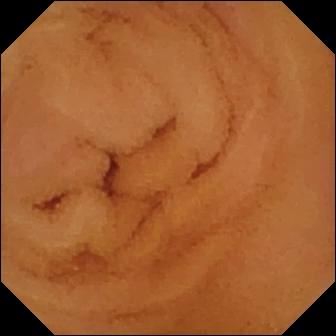- modality: video capsule endoscopy
- segment: small bowel
- label: normal clean mucosa